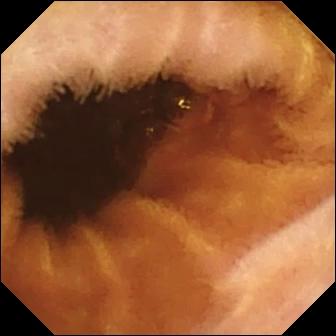Video capsule endoscopy — normal clean mucosa.